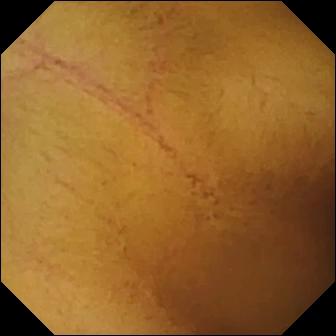Normal clean mucosa.